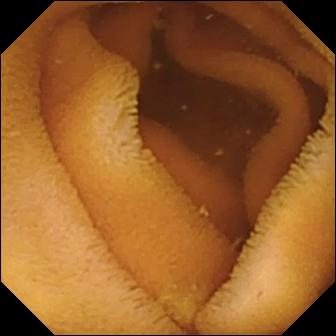Video capsule endoscopy view
Impression: normal clean mucosa